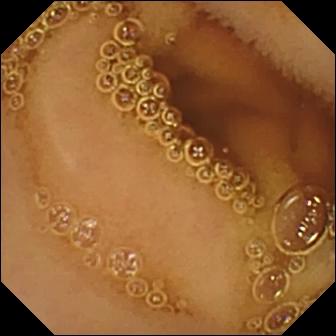Normal clean mucosa.